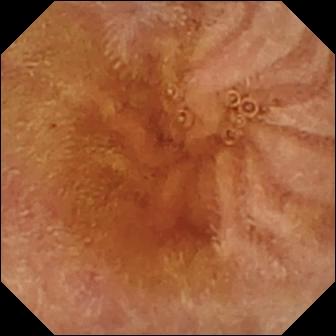Small-bowel capsule endoscopy — normal clean mucosa.